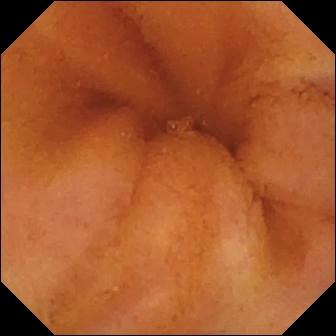Normal clean mucosa — wireless capsule endoscopy snapshot of the small bowel.